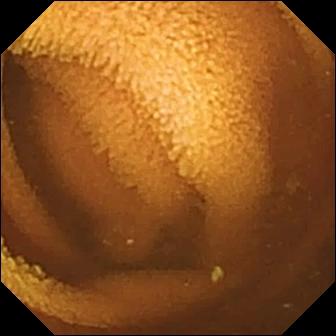Capsule endoscopy — normal clean mucosa.